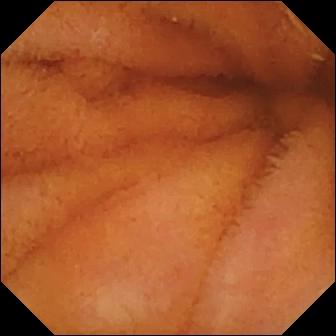Capsule endoscopy view (small intestine). Normal clean mucosa.